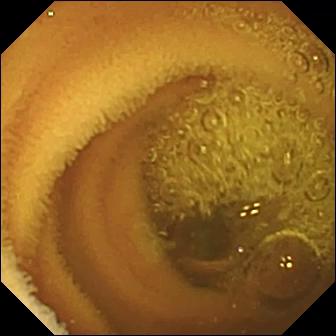- modality: small-bowel capsule endoscopy
- finding: normal clean mucosa